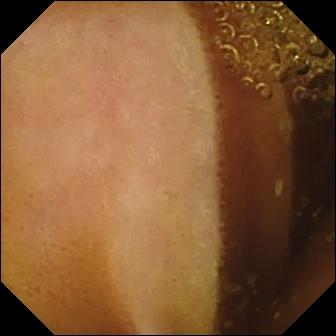modality: WCE | observation: normal clean mucosa